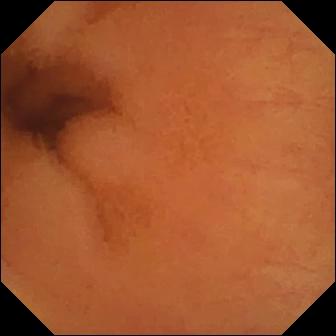modality: wireless capsule endoscopy; observation: normal clean mucosa